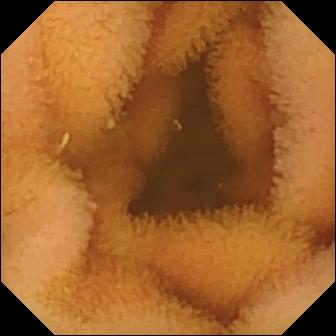WCE — normal clean mucosa.